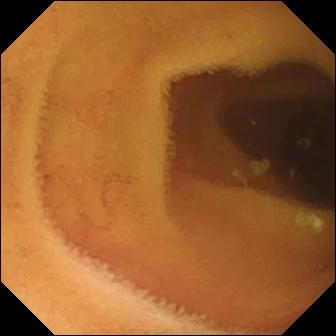Capsule endoscopy frame. Normal clean mucosa.